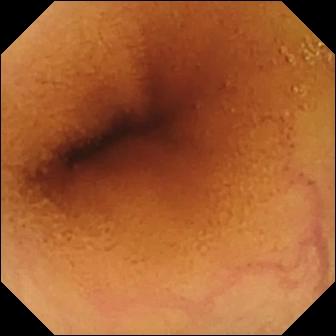This capsule endoscopy image shows normal clean mucosa.